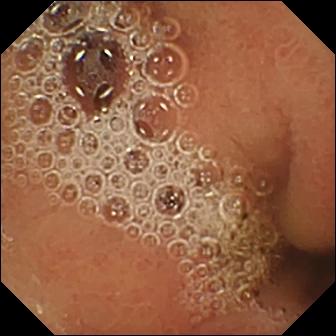Normal clean mucosa.